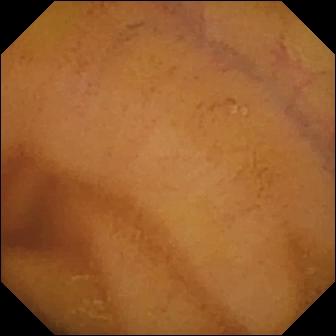Wireless capsule endoscopy. Impression: normal clean mucosa.